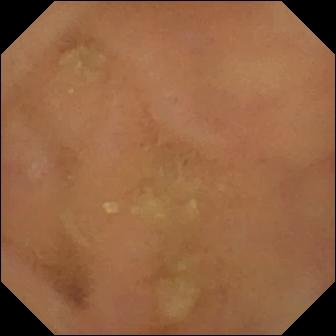Small-bowel capsule endoscopy still showing normal clean mucosa.